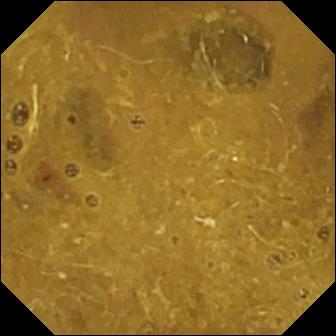Wireless capsule endoscopy — ileo-cecal valve region (the transition from the small bowel to the large bowel).